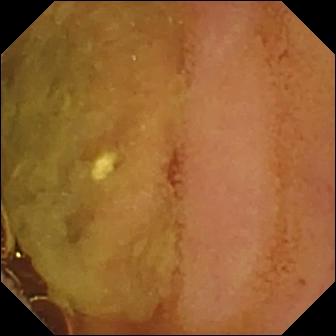This VCE frame shows normal clean mucosa.